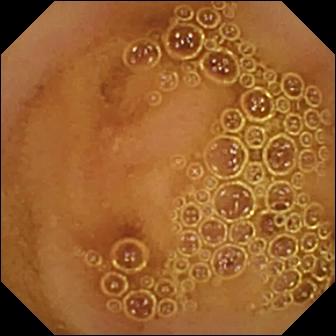Q: What does this capsule endoscopy still of the small bowel show?
A: Normal clean mucosa.